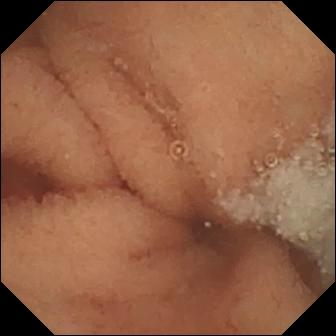- modality: video capsule endoscopy
- segment: small bowel
- category: luminal finding
- impression: normal clean mucosa